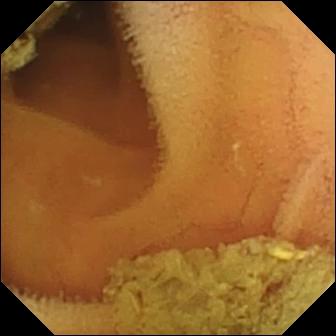Small-bowel capsule endoscopy. Small intestine. Finding: normal clean mucosa.